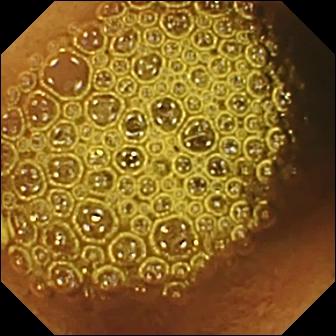Reduced mucosal view (content or bubbles obscuring the mucosa) (336×336).